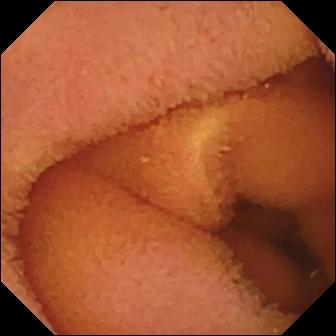Video capsule endoscopy — normal clean mucosa.